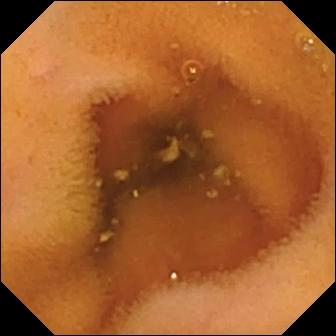This video capsule endoscopy still shows normal clean mucosa.